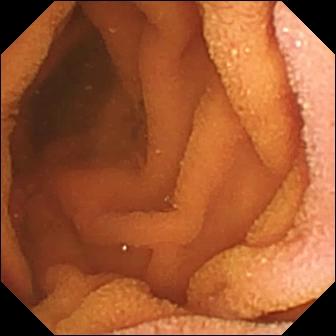Capsule endoscopy still showing normal clean mucosa.